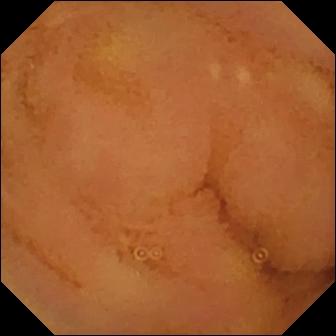Capsule endoscopy — normal clean mucosa.